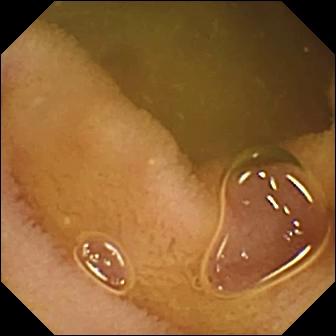Q: What does this wireless capsule endoscopy image show?
A: Normal clean mucosa.